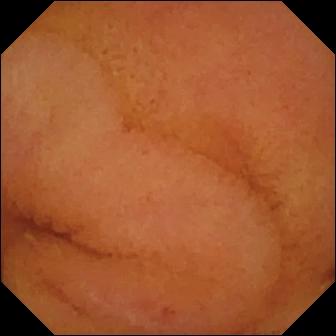Q: What does this WCE snapshot of the small bowel show?
A: Normal clean mucosa.